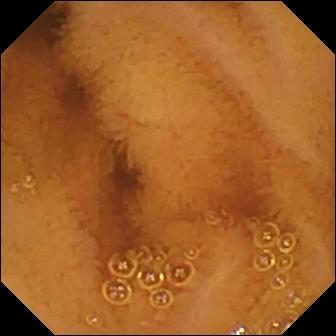Capsule endoscopy snapshot (small intestine). Normal clean mucosa.